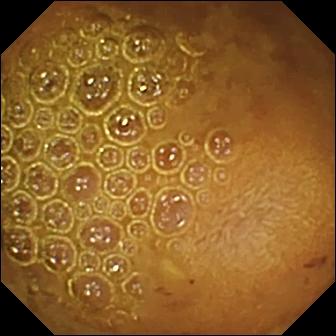{"modality": "video capsule endoscopy", "category": "luminal finding", "finding": "reduced mucosal view (content or bubbles obscuring the mucosa)"}